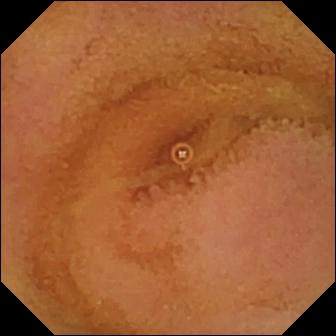Video capsule endoscopy frame of the small bowel showing normal clean mucosa.